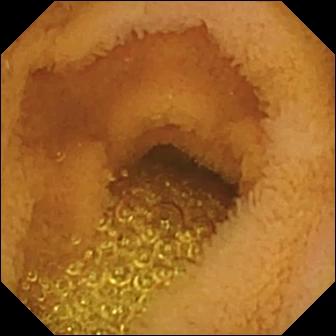Video capsule endoscopy still
Impression: normal clean mucosa